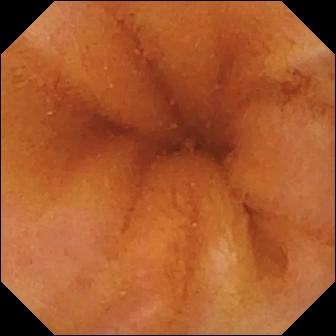Video capsule endoscopy snapshot (small intestine). Normal clean mucosa.